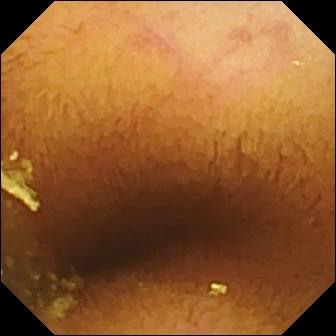Normal clean mucosa.